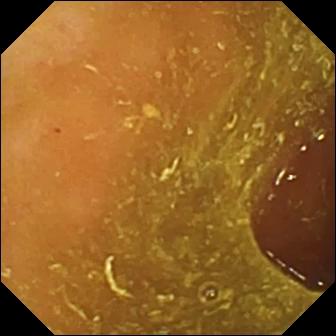Wireless capsule endoscopy snapshot taken in the ileo-cecal valve region (where the capsule passes from the small bowel into the large bowel).